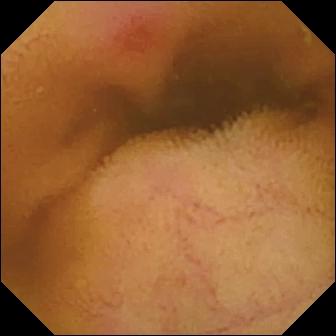Small-bowel capsule endoscopy view. Erythema (mucosal redness).